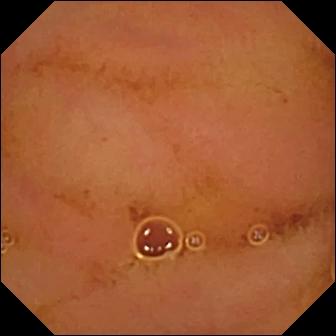PROCEDURE: Wireless capsule endoscopy.
FINDINGS: Normal clean mucosa.